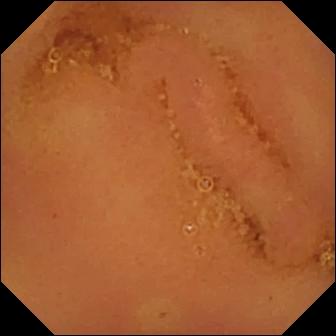Normal clean mucosa — wireless capsule endoscopy image of the small bowel.